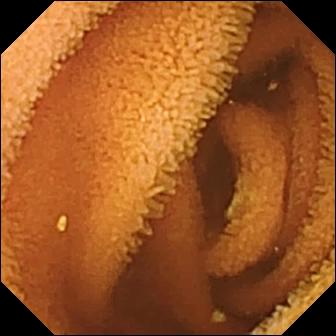modality: capsule endoscopy | category: luminal finding | label: normal clean mucosa